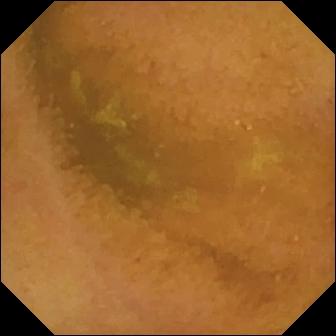Video capsule endoscopy frame. Normal clean mucosa.